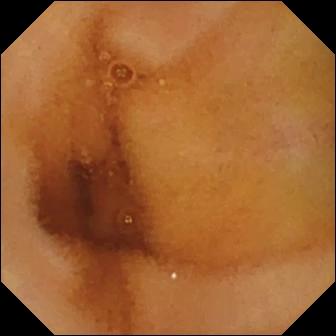VCE still, small bowel
Finding: normal clean mucosa